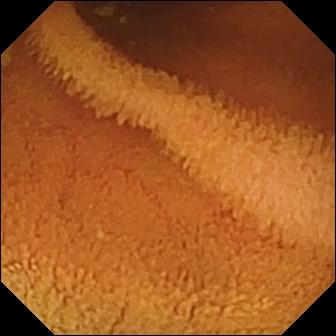{"modality": "small-bowel capsule endoscopy", "segment": "small bowel", "category": "luminal finding", "finding": "normal clean mucosa"}